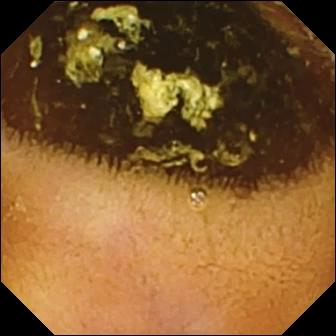VCE image (small bowel). Normal clean mucosa.